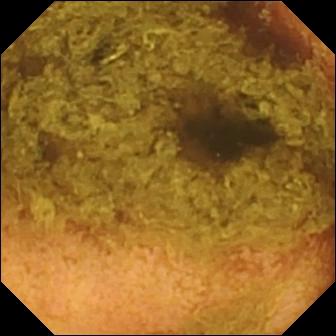- modality: wireless capsule endoscopy
- segment: small intestine
- finding: normal clean mucosa